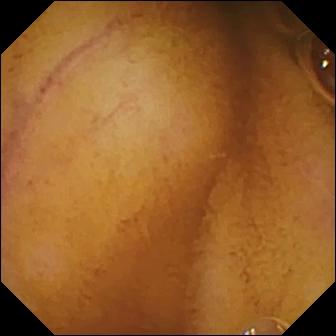modality: capsule endoscopy; finding: normal clean mucosa